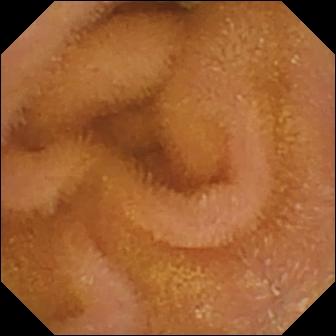Capsule endoscopy frame. Normal clean mucosa.